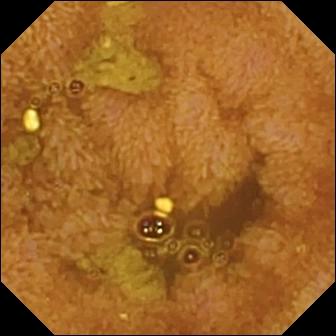Ileo-cecal valve region (where the capsule passes from the small bowel into the large bowel) — small-bowel capsule endoscopy view.